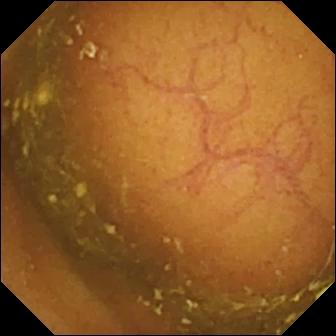{"modality": "video capsule endoscopy", "position": "ileo-cecal valve region"}